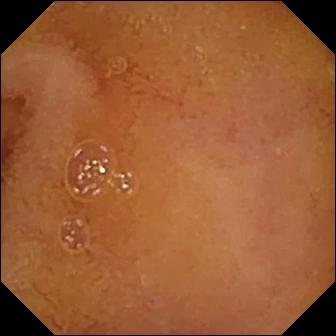Q: What does this small-bowel capsule endoscopy snapshot show?
A: Normal clean mucosa.